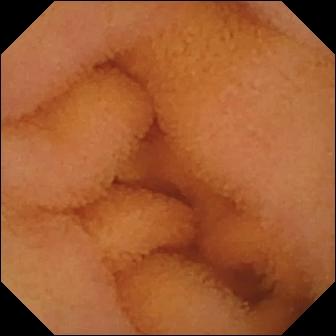Normal clean mucosa (336×336).